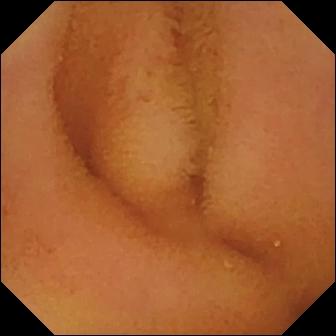PROCEDURE: VCE.
FINDINGS: Normal clean mucosa.